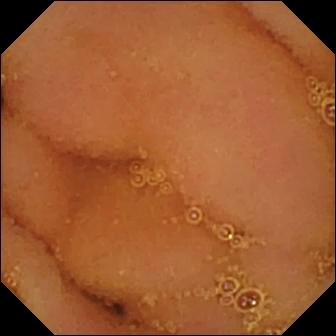PROCEDURE: Capsule endoscopy.
SEGMENT: Small intestine.
FINDINGS: Normal clean mucosa.